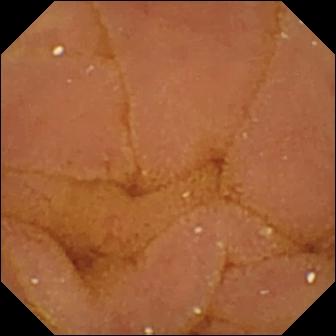Q: What does this small-bowel capsule endoscopy image show?
A: Normal clean mucosa.